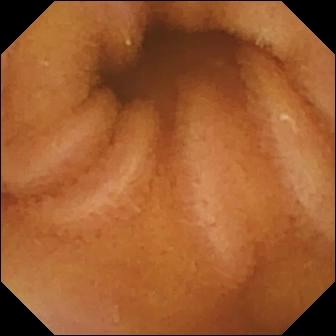PROCEDURE: Small-bowel capsule endoscopy.
SEGMENT: Small intestine.
FINDINGS: Normal clean mucosa.